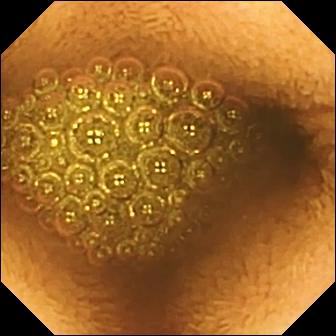Reduced mucosal view (content or bubbles obscuring the mucosa) — VCE still.